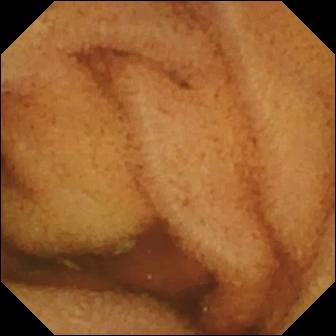Ileo-cecal valve region (the transition from the small bowel to the large bowel) — small-bowel capsule endoscopy frame.